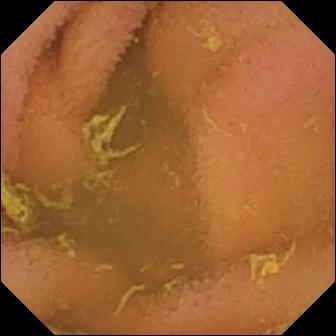WCE image showing normal clean mucosa.